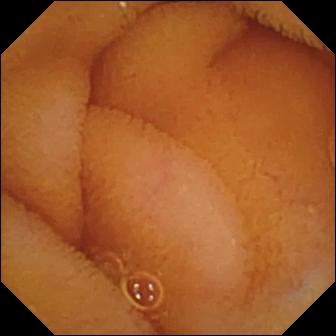VCE still, small intestine
Label: normal clean mucosa